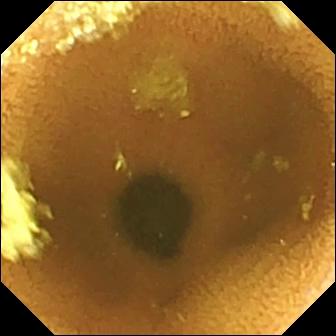{"modality": "wireless capsule endoscopy", "segment": "small intestine", "finding": "normal clean mucosa"}